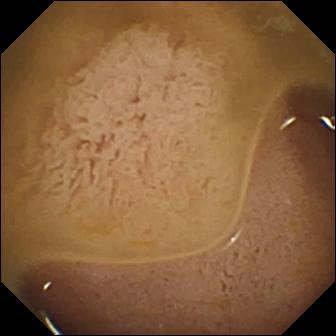{"modality": "video capsule endoscopy", "location": "ileo-cecal valve region (the transition from the small bowel to the large bowel)"}